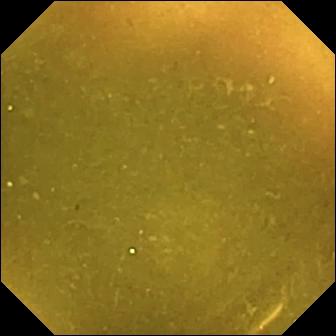Q: Where in the digestive tract was this wireless capsule endoscopy frame taken?
A: Ileo-cecal valve region.